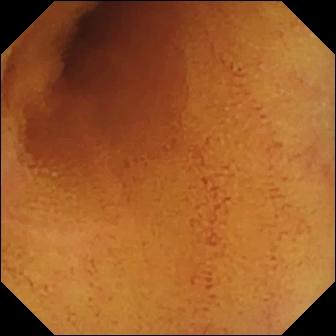VCE still of the small bowel showing normal clean mucosa.